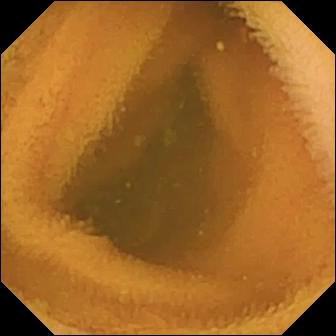PROCEDURE: Capsule endoscopy.
SEGMENT: Small intestine.
FINDINGS: Normal clean mucosa.